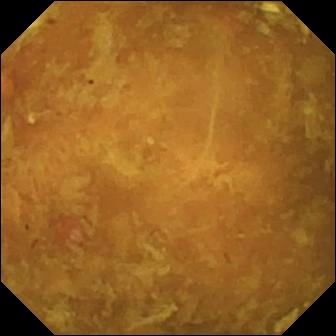Q: What does this WCE view of the small bowel show?
A: Reduced mucosal view (content or bubbles obscuring the mucosa).